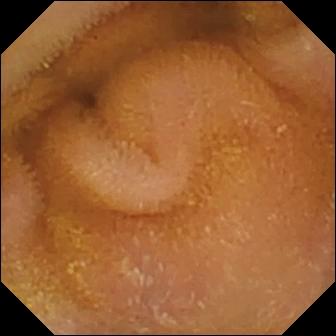- modality: wireless capsule endoscopy
- category: luminal finding
- label: normal clean mucosa